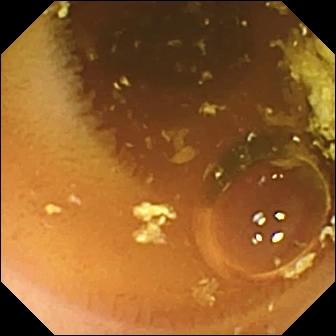- modality: video capsule endoscopy
- category: luminal finding
- observation: normal clean mucosa